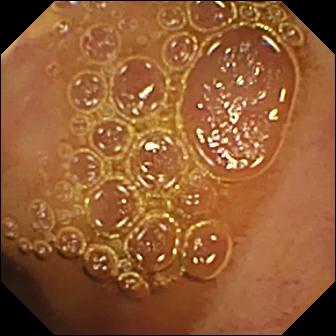PROCEDURE: Video capsule endoscopy.
FINDINGS: Normal clean mucosa.